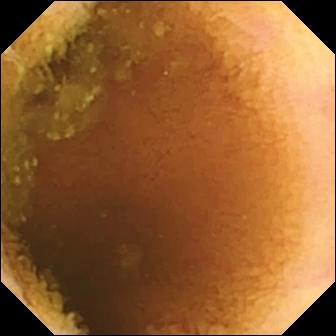Small-bowel capsule endoscopy still of the small intestine showing normal clean mucosa.